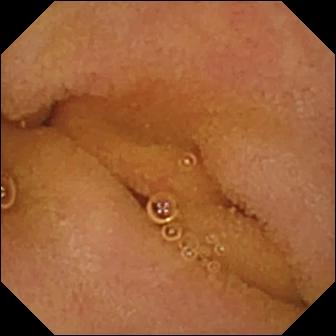Capsule endoscopy frame, 336×336. Normal clean mucosa.